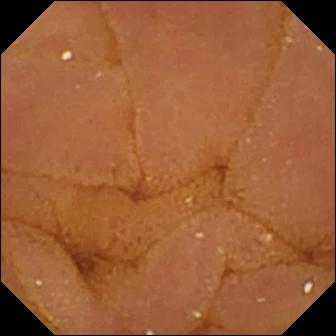This wireless capsule endoscopy view shows normal clean mucosa.